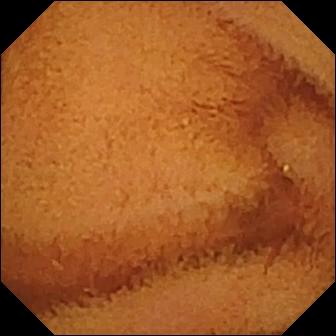This video capsule endoscopy frame shows normal clean mucosa.